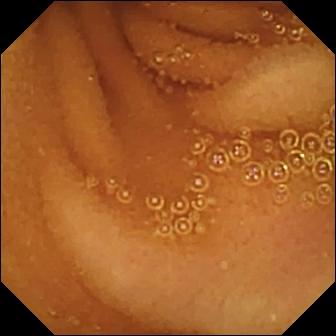{"modality": "capsule endoscopy", "segment": "small intestine", "finding": "normal clean mucosa"}